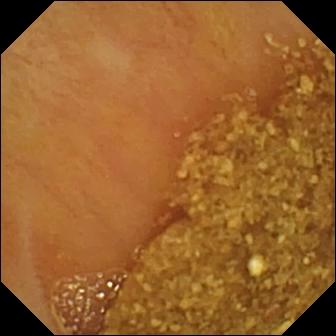modality: WCE | video segment: ileo-cecal valve region